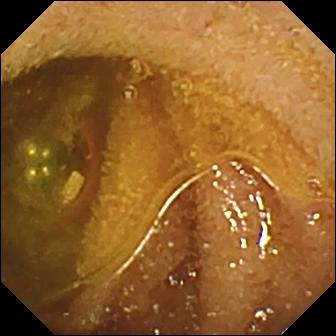Capsule endoscopy — foreign body (e.g. retained capsule, tablet residue).